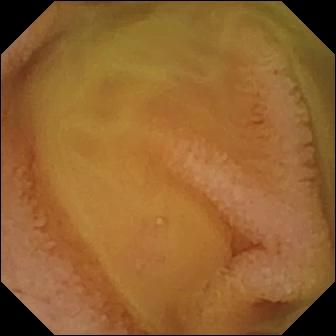Capsule endoscopy. Small intestine. Label: normal clean mucosa.